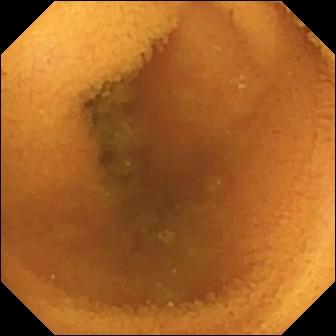Normal clean mucosa — video capsule endoscopy snapshot.